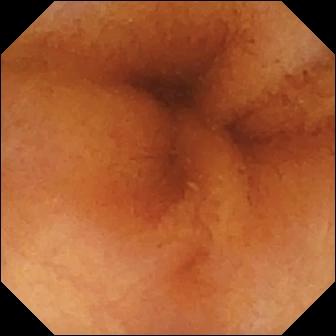Capsule endoscopy snapshot
Observation: normal clean mucosa